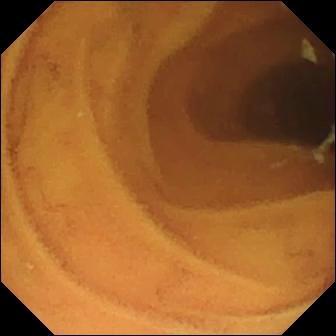This WCE frame of the small bowel shows normal clean mucosa.